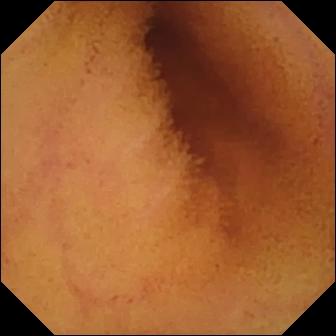Normal clean mucosa (336×336).